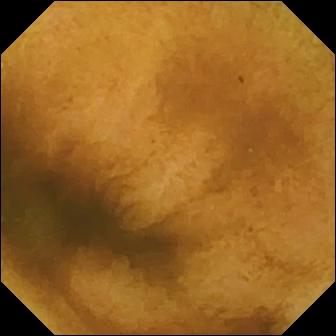Normal clean mucosa — small-bowel capsule endoscopy still of the small intestine.